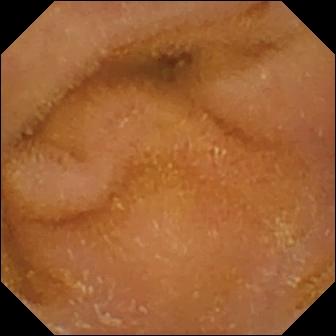- modality: capsule endoscopy
- category: luminal finding
- impression: normal clean mucosa